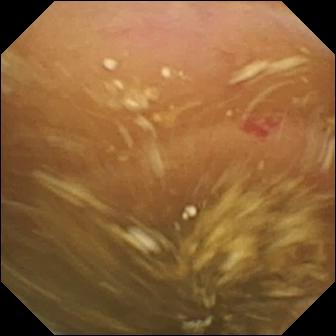Capsule endoscopy. Label: angiectasia.